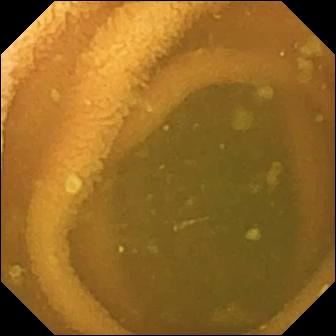WCE still
Observation: normal clean mucosa